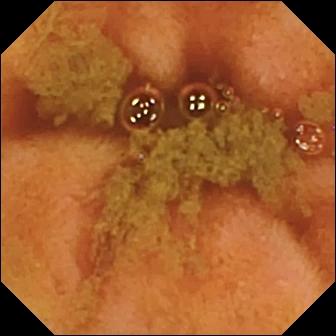Ileo-cecal valve region (the transition from the small bowel to the large bowel) — VCE snapshot.